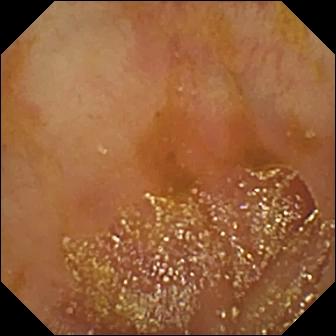Q: Where in the digestive tract was this small-bowel capsule endoscopy frame taken?
A: Ileo-cecal valve region (the transition from the small bowel to the large bowel).